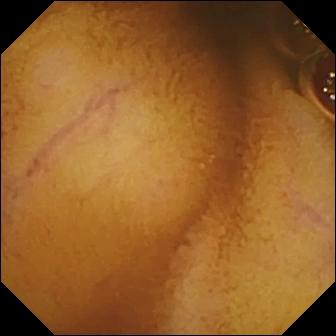modality: wireless capsule endoscopy | segment: small intestine | label: normal clean mucosa